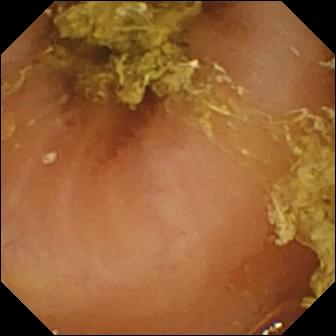{"modality": "VCE", "segment": "small intestine", "finding": "normal clean mucosa"}